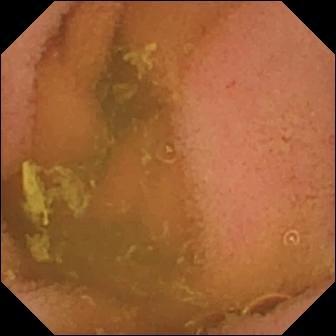Q: What does this video capsule endoscopy snapshot show?
A: Normal clean mucosa.